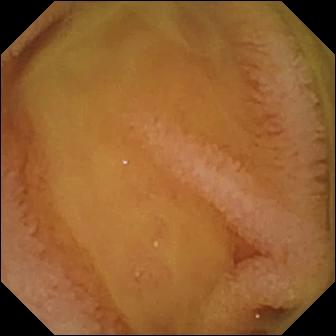PROCEDURE: Capsule endoscopy.
SEGMENT: Small intestine.
FINDINGS: Normal clean mucosa.